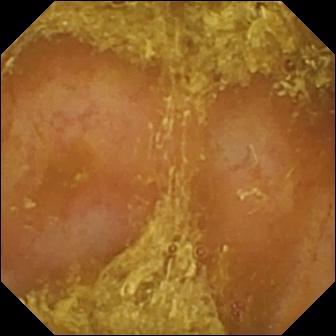VCE snapshot showing reduced mucosal view (content or bubbles obscuring the mucosa).